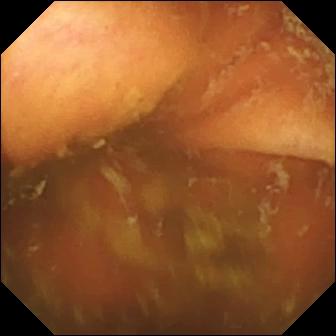Video capsule endoscopy. Near an anatomical landmark. Location: ileo-cecal valve region (the transition from the small bowel to the large bowel).